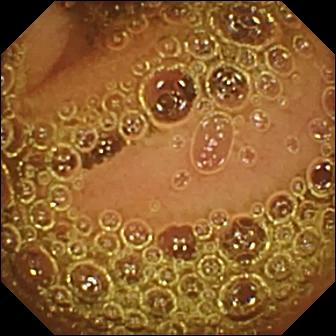WCE view (small intestine). Normal clean mucosa.